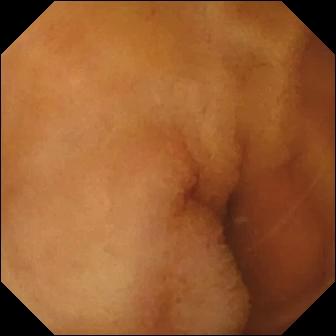Wireless capsule endoscopy image showing normal clean mucosa.